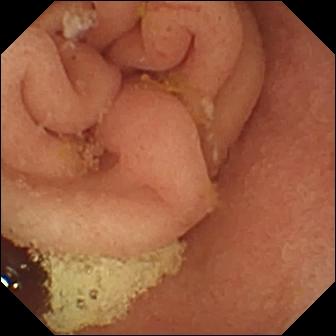Pylorus region (where the capsule passes from the stomach into the small bowel).